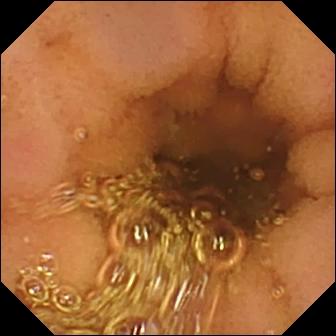PROCEDURE: Wireless capsule endoscopy.
SEGMENT: Small bowel.
FINDINGS: Normal clean mucosa.